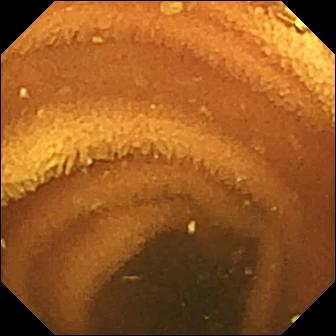{"modality": "capsule endoscopy", "finding": "normal clean mucosa"}